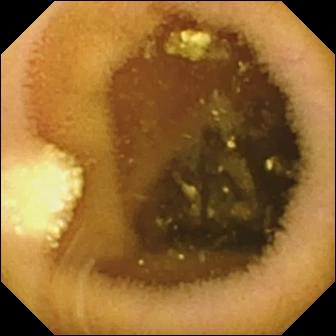Q: What does this wireless capsule endoscopy frame show?
A: Lymphangiectasia.